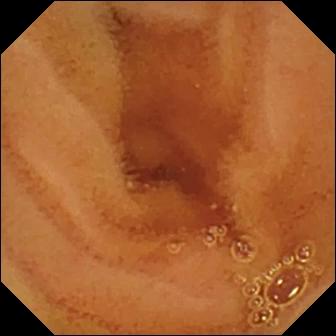This wireless capsule endoscopy image of the small intestine shows normal clean mucosa.